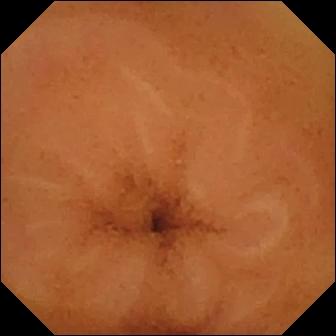This video capsule endoscopy image shows normal clean mucosa.